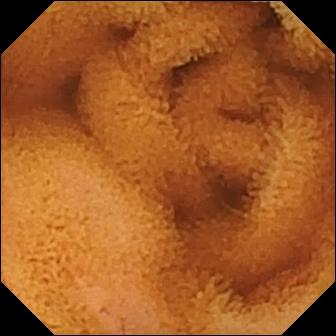This small-bowel capsule endoscopy frame of the small intestine shows normal clean mucosa.